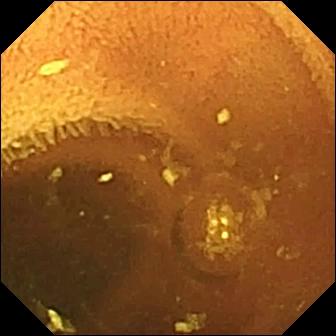modality: small-bowel capsule endoscopy
impression: normal clean mucosa